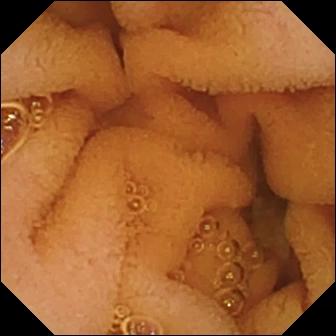Wireless capsule endoscopy snapshot of the small bowel showing normal clean mucosa.